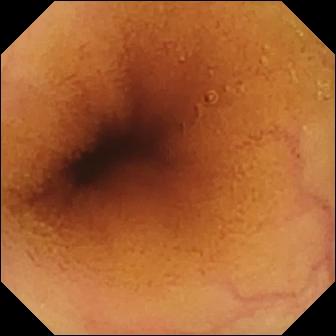Normal clean mucosa.